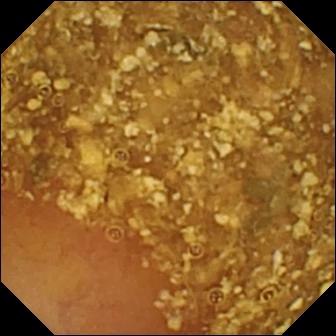{"modality": "capsule endoscopy", "segment": "small intestine", "finding": "reduced mucosal view (content or bubbles obscuring the mucosa)"}